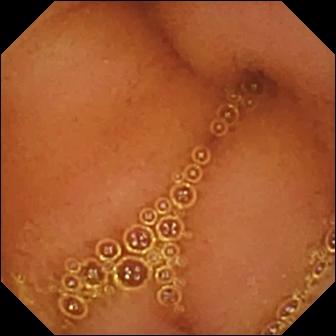Capsule endoscopy frame. Normal clean mucosa.